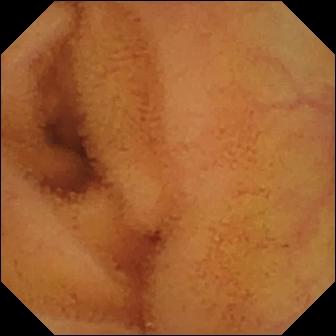Video capsule endoscopy — normal clean mucosa.